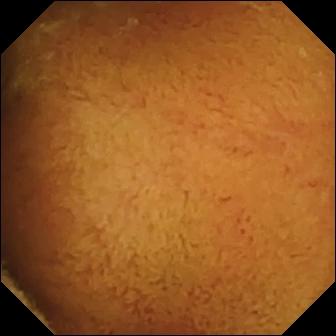This WCE view shows normal clean mucosa.